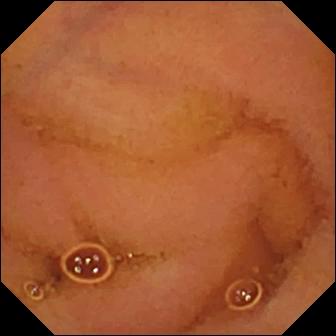PROCEDURE: Capsule endoscopy.
FINDINGS: Normal clean mucosa.